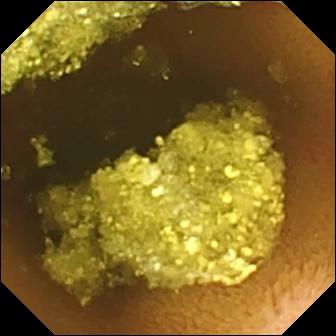- modality: video capsule endoscopy
- segment: small intestine
- category: luminal finding
- finding: normal clean mucosa